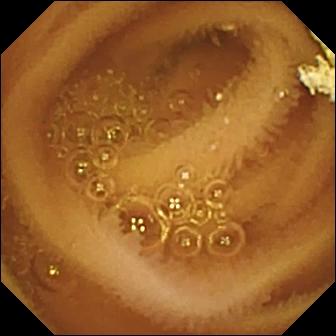WCE snapshot showing normal clean mucosa.